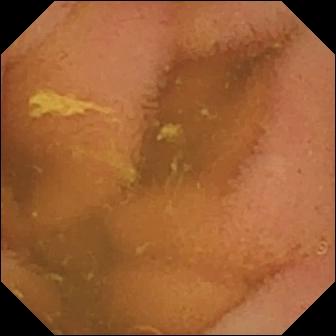Small-bowel capsule endoscopy snapshot (small intestine). Normal clean mucosa.